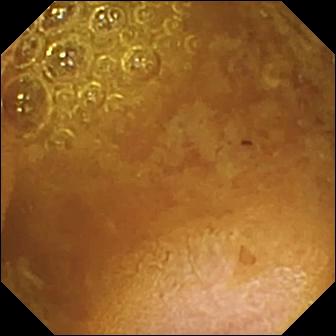VCE. Small intestine. Observation: reduced mucosal view (content or bubbles obscuring the mucosa).